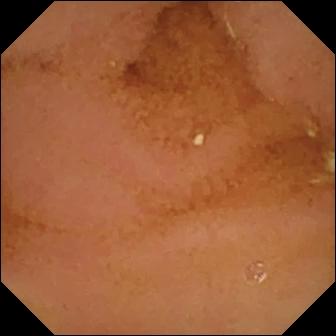WCE — normal clean mucosa.